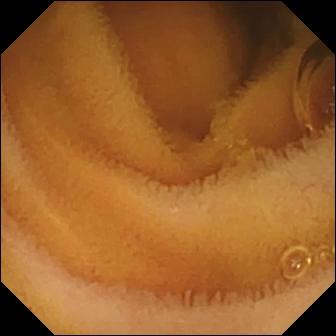PROCEDURE: Wireless capsule endoscopy.
FINDINGS: Normal clean mucosa.